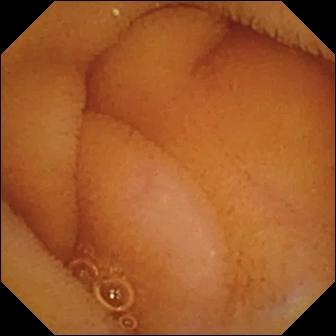PROCEDURE: WCE.
SEGMENT: Small intestine.
FINDINGS: Normal clean mucosa.